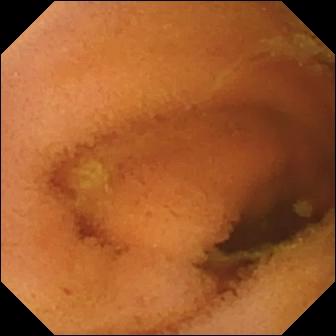VCE. Luminal finding. Impression: normal clean mucosa.